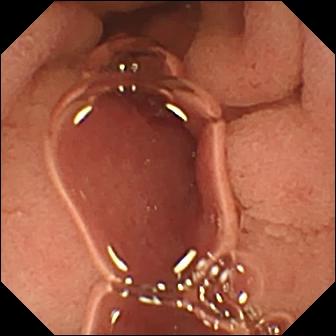Q: Where in the digestive tract was this small-bowel capsule endoscopy still taken?
A: Pylorus region (where the capsule passes from the stomach into the small bowel).